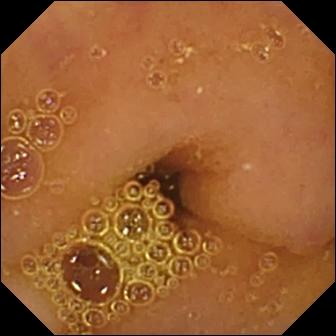modality: video capsule endoscopy
segment: small bowel
finding: normal clean mucosa